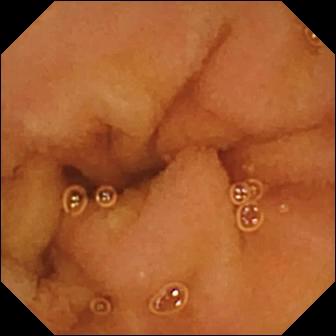Wireless capsule endoscopy frame. Normal clean mucosa.